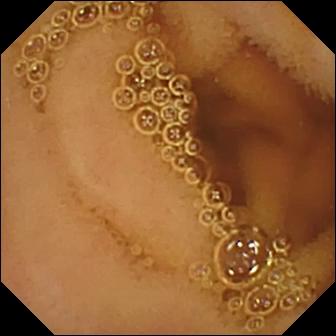This small-bowel capsule endoscopy view shows normal clean mucosa.